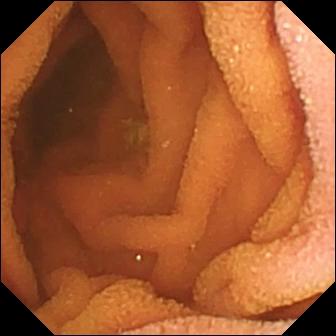modality: wireless capsule endoscopy | segment: small intestine | observation: normal clean mucosa